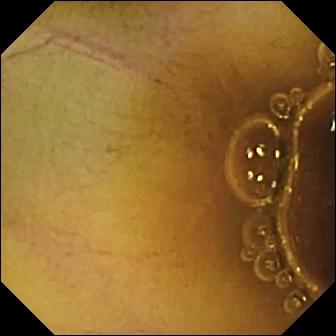{"modality": "wireless capsule endoscopy", "category": "luminal finding", "finding": "normal clean mucosa"}